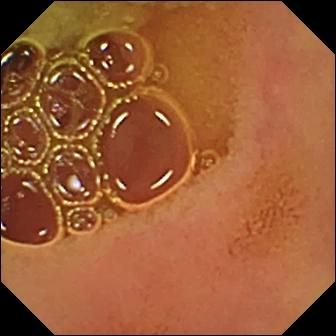Wireless capsule endoscopy frame
Label: normal clean mucosa